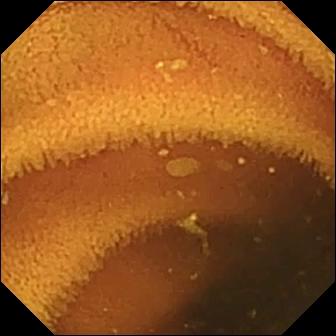Q: What does this WCE still show?
A: Normal clean mucosa.